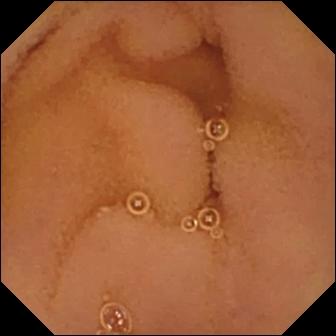VCE — normal clean mucosa.